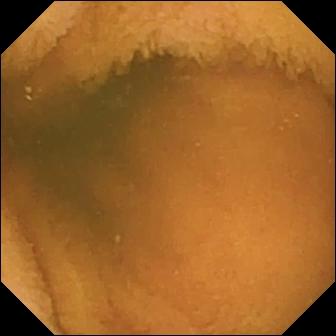modality: VCE; segment: small intestine; category: luminal finding; observation: normal clean mucosa